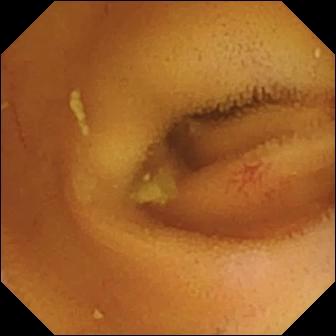modality: video capsule endoscopy
observation: angiectasia